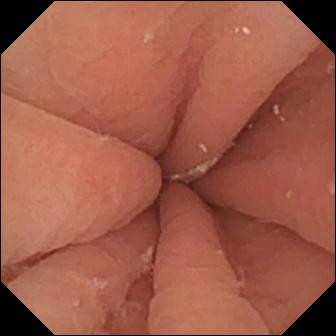Pylorus region (where the capsule passes from the stomach into the small bowel).